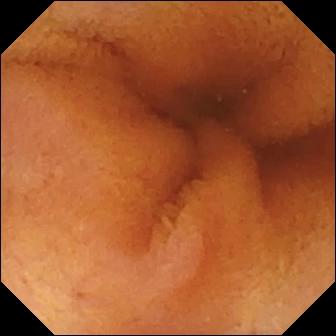modality: WCE; category: luminal finding; label: normal clean mucosa